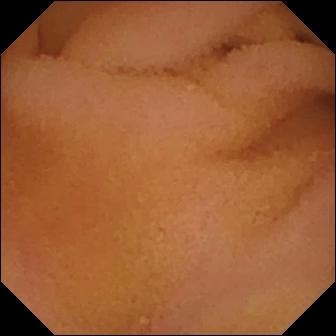- modality: VCE
- observation: normal clean mucosa